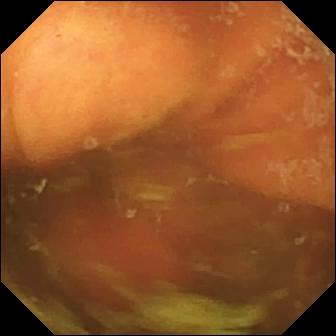PROCEDURE: Small-bowel capsule endoscopy.
LABEL: Ileo-cecal valve region.